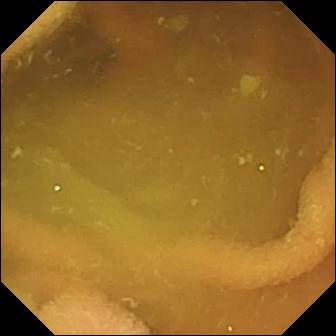This video capsule endoscopy view shows normal clean mucosa.